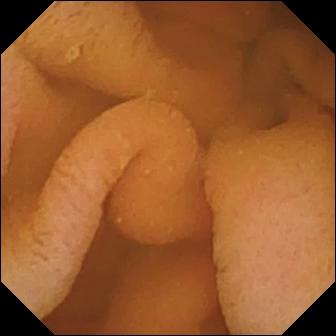Capsule endoscopy view showing normal clean mucosa.